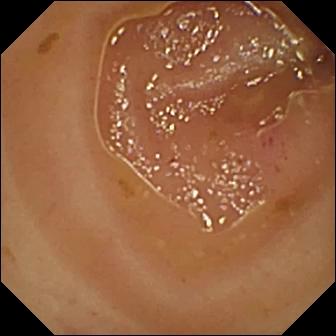Q: What does this video capsule endoscopy still show?
A: Erythema (mucosal redness).